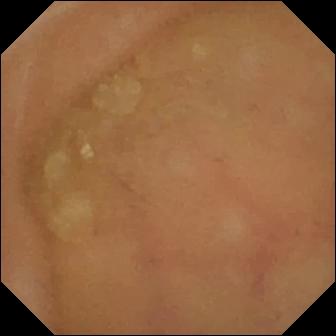Capsule endoscopy. Label: normal clean mucosa.